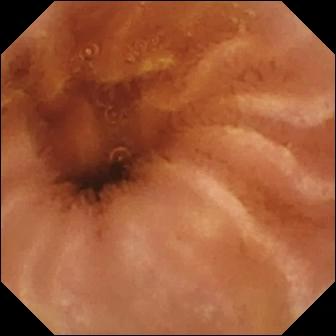This small-bowel capsule endoscopy still shows normal clean mucosa.